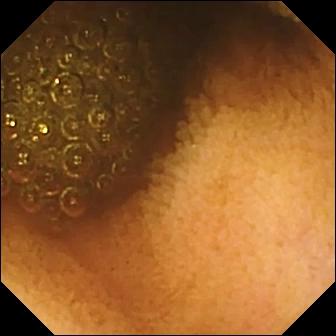Video capsule endoscopy. Luminal finding. Observation: reduced mucosal view (content or bubbles obscuring the mucosa).